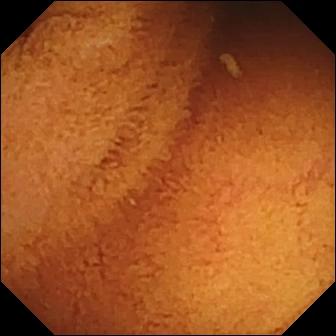Capsule endoscopy image of the small bowel showing normal clean mucosa.